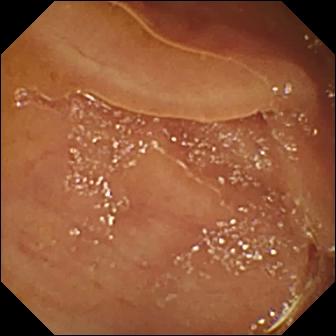Q: What does this VCE frame of the small intestine show?
A: Normal clean mucosa.